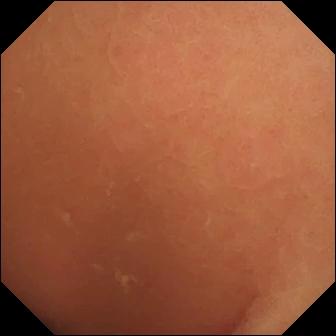Video capsule endoscopy — normal clean mucosa.